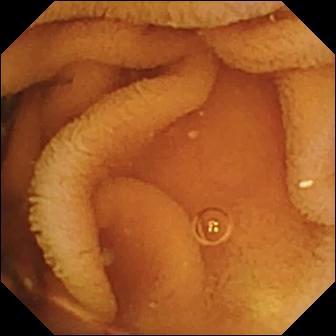This small-bowel capsule endoscopy snapshot shows normal clean mucosa.